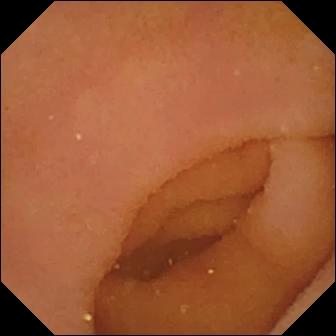Wireless capsule endoscopy frame. Taken in the pylorus region (where the capsule passes from the stomach into the small bowel).